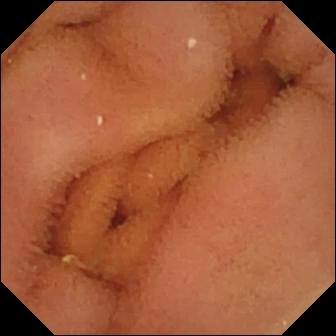- modality: video capsule endoscopy
- segment: small intestine
- category: luminal finding
- finding: normal clean mucosa